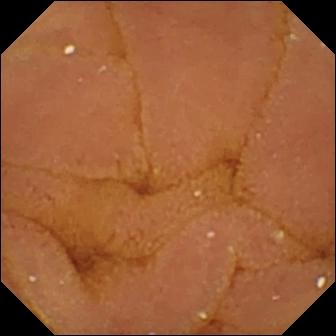VCE — normal clean mucosa.